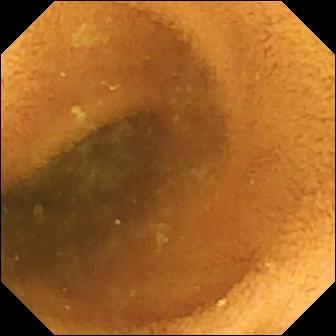PROCEDURE: Small-bowel capsule endoscopy.
FINDINGS: Normal clean mucosa.